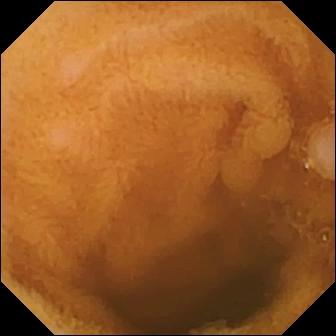{"modality": "video capsule endoscopy", "category": "luminal finding", "finding": "normal clean mucosa"}